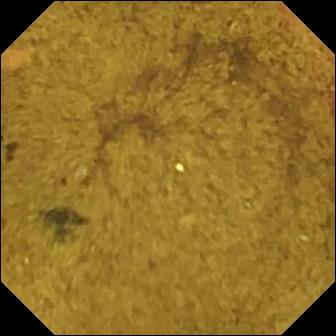PROCEDURE: VCE.
POSITION: Ileo-cecal valve region (where the capsule passes from the small bowel into the large bowel).